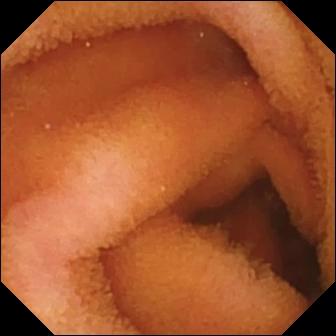Wireless capsule endoscopy — normal clean mucosa.